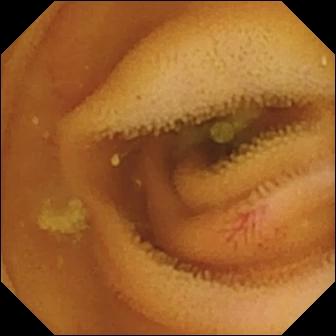- modality: WCE
- impression: angiectasia